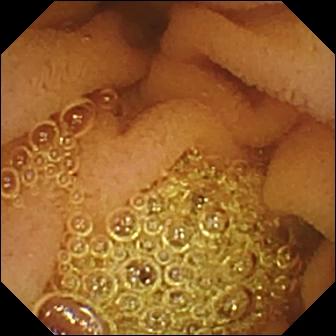Q: What does this WCE view of the small intestine show?
A: Normal clean mucosa.